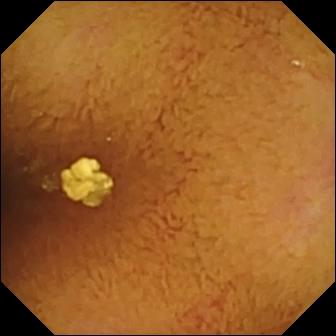Video capsule endoscopy image (small intestine). Normal clean mucosa.